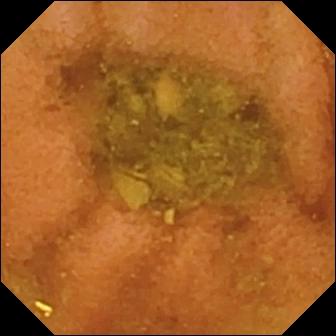Normal clean mucosa.